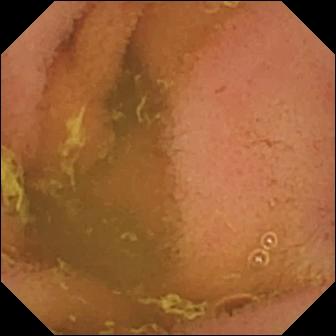Q: What does this small-bowel capsule endoscopy still show?
A: Normal clean mucosa.